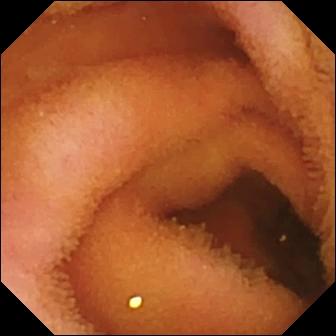Wireless capsule endoscopy — normal clean mucosa.